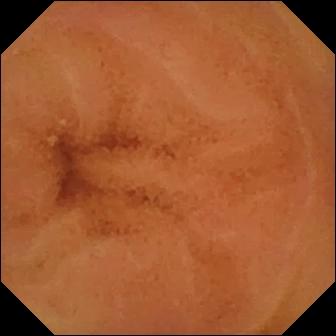This capsule endoscopy frame of the small intestine shows normal clean mucosa.